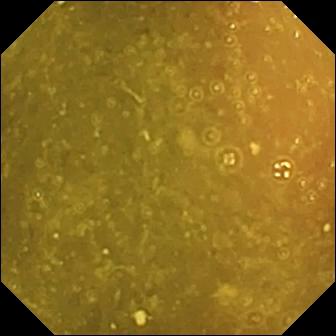Ileo-cecal valve region (the transition from the small bowel to the large bowel), 336×336.